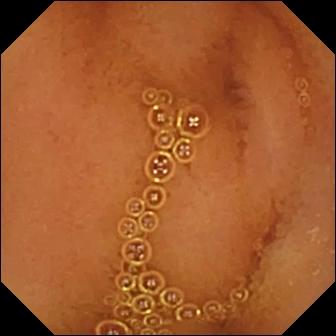VCE frame (small bowel). Normal clean mucosa.